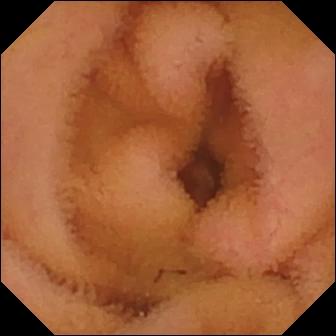- modality: small-bowel capsule endoscopy
- observation: normal clean mucosa